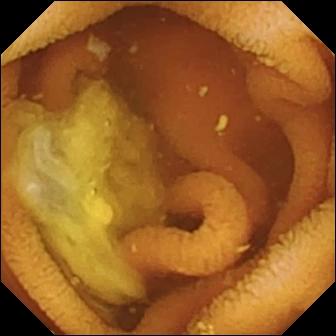This capsule endoscopy still shows normal clean mucosa.